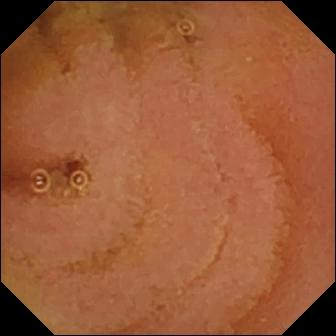Small-bowel capsule endoscopy. Small intestine. Label: normal clean mucosa.